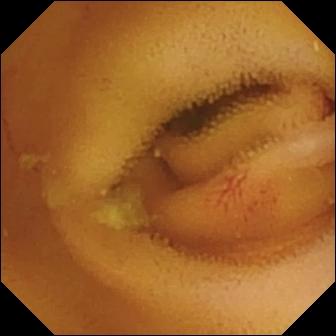Video capsule endoscopy. Luminal finding. Finding: angiectasia.